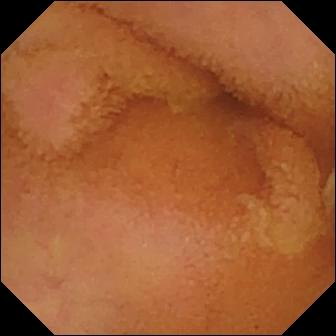WCE still showing normal clean mucosa.